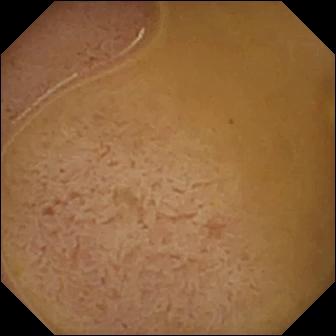WCE image taken in the ileo-cecal valve region (where the capsule passes from the small bowel into the large bowel).